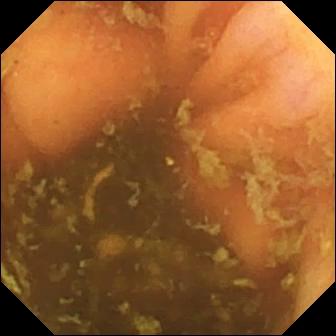Q: Where in the digestive tract was this capsule endoscopy image taken?
A: Ileo-cecal valve region (where the capsule passes from the small bowel into the large bowel).